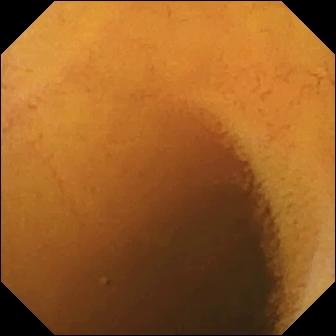Video capsule endoscopy snapshot (small bowel). Normal clean mucosa.